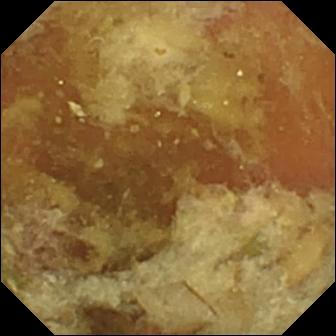Pylorus region, 336×336.